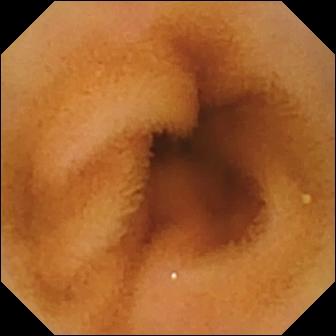WCE snapshot, small bowel
Label: normal clean mucosa